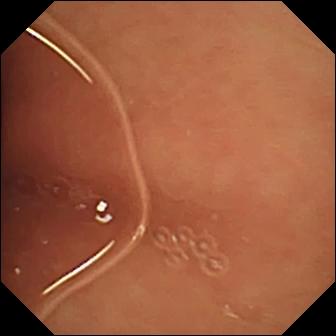Wireless capsule endoscopy — normal clean mucosa.